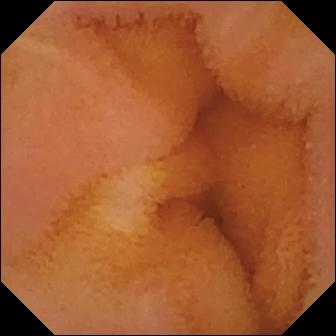{"modality": "video capsule endoscopy", "finding": "normal clean mucosa"}